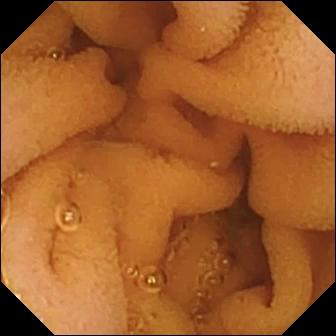Normal clean mucosa (336×336).